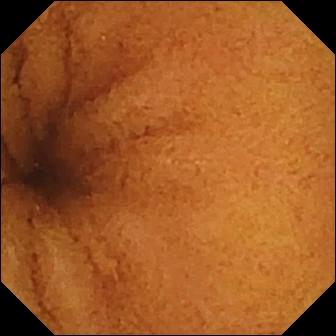PROCEDURE: VCE.
SEGMENT: Small bowel.
FINDINGS: Normal clean mucosa.